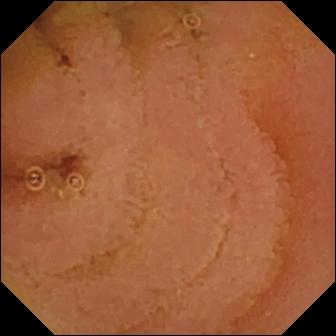PROCEDURE: Video capsule endoscopy.
FINDINGS: Normal clean mucosa.